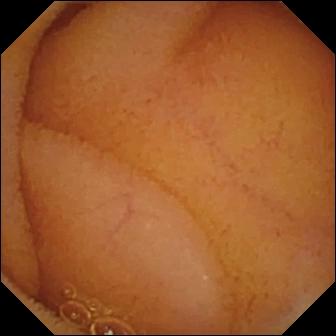PROCEDURE: Video capsule endoscopy.
FINDINGS: Normal clean mucosa.